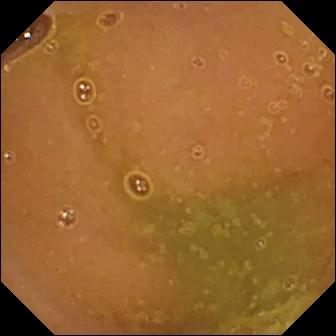Capsule endoscopy view (small bowel). Normal clean mucosa.